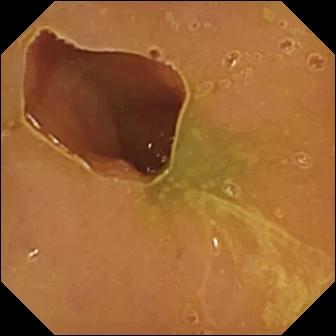This video capsule endoscopy frame of the small intestine shows normal clean mucosa.